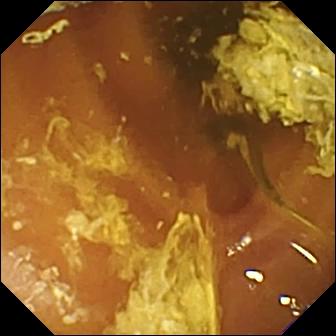modality: VCE; segment: small bowel; finding: normal clean mucosa